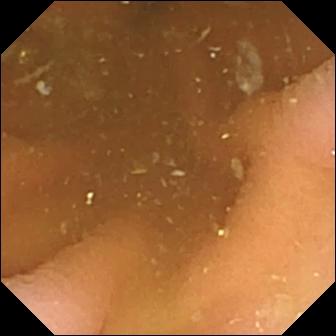Capsule endoscopy. Video segment: pylorus region (the junction between the stomach and the small bowel).